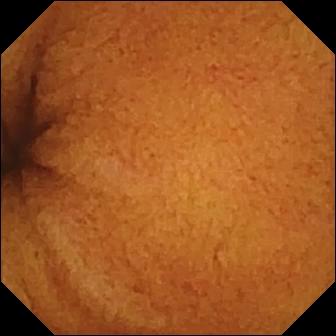Normal clean mucosa.